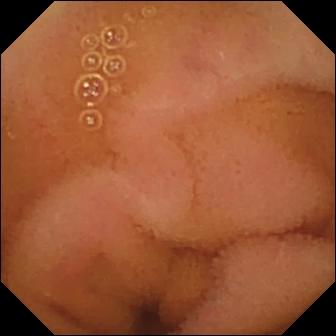VCE — normal clean mucosa.